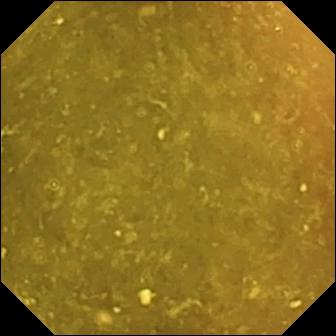modality: wireless capsule endoscopy
location: ileo-cecal valve region (the transition from the small bowel to the large bowel)